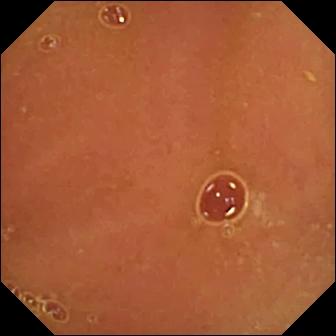WCE still (small intestine). Normal clean mucosa.